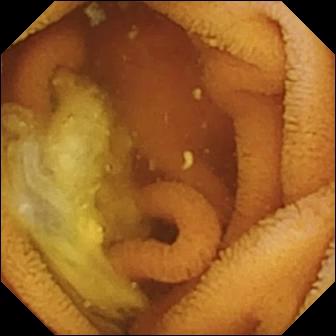Normal clean mucosa (336×336).